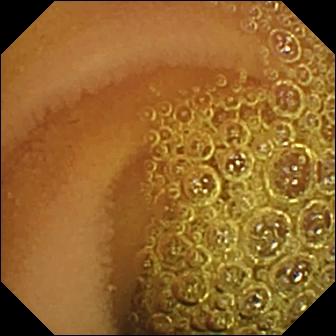Wireless capsule endoscopy — normal clean mucosa.